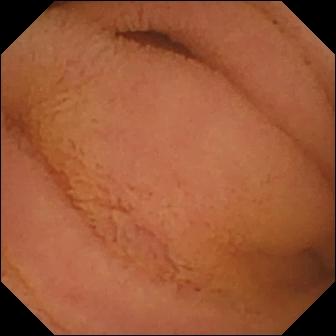This wireless capsule endoscopy still shows normal clean mucosa.